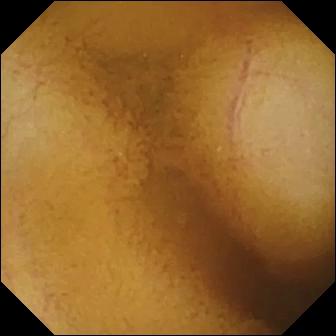modality: wireless capsule endoscopy
segment: small bowel
category: luminal finding
observation: normal clean mucosa